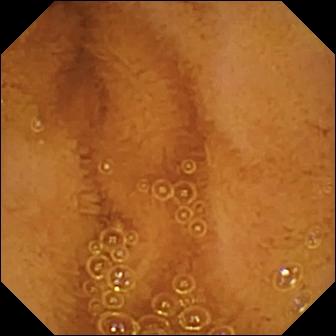This wireless capsule endoscopy image shows normal clean mucosa.